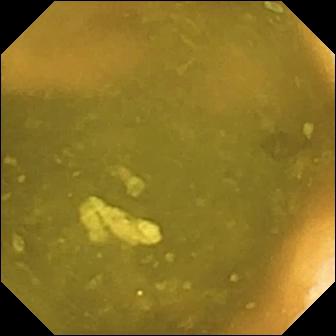modality: capsule endoscopy
category: anatomical landmark
label: ileo-cecal valve region